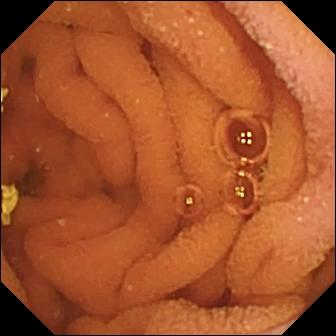{"modality": "VCE", "segment": "small bowel", "finding": "normal clean mucosa"}